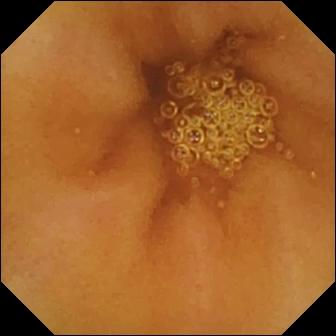Video capsule endoscopy view, 336×336. Normal clean mucosa.